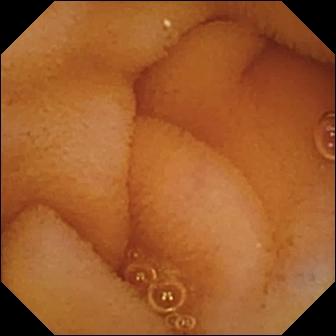- modality: wireless capsule endoscopy
- segment: small intestine
- observation: normal clean mucosa